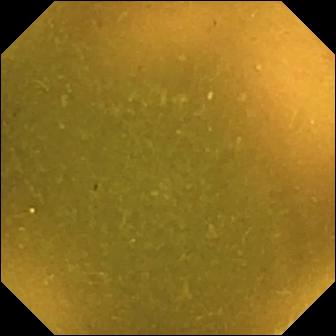Small-bowel capsule endoscopy frame taken in the ileo-cecal valve region (the transition from the small bowel to the large bowel).